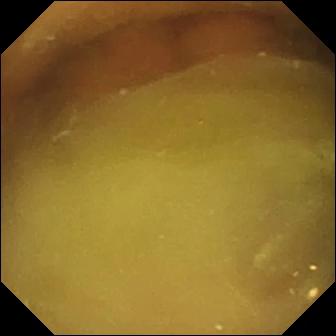{"modality": "wireless capsule endoscopy", "segment": "small intestine", "finding": "normal clean mucosa"}